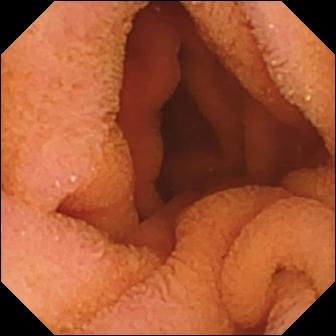Normal clean mucosa (336×336).